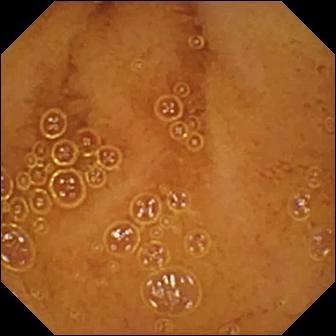Q: What does this wireless capsule endoscopy image of the small bowel show?
A: Normal clean mucosa.